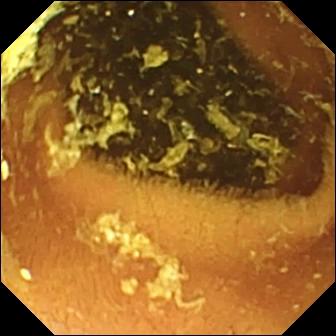Capsule endoscopy. Impression: normal clean mucosa.